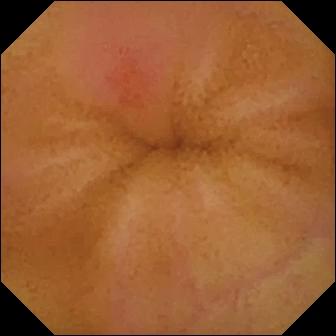WCE. Luminal finding. Finding: erythema (mucosal redness).